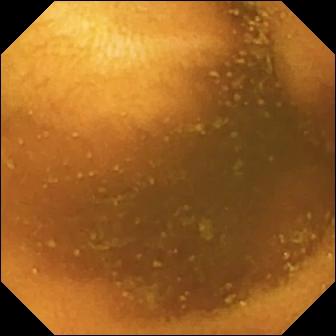Small-bowel capsule endoscopy frame
Label: normal clean mucosa